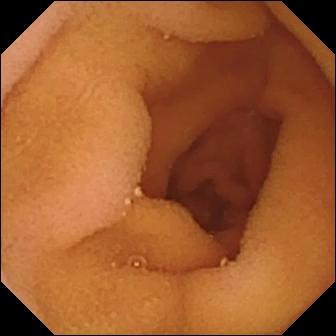This small-bowel capsule endoscopy snapshot shows normal clean mucosa.